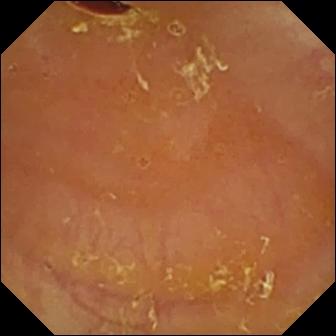- modality: small-bowel capsule endoscopy
- segment: small intestine
- category: luminal finding
- impression: reduced mucosal view (content or bubbles obscuring the mucosa)